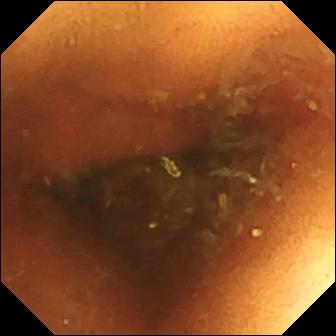Capsule endoscopy. Label: normal clean mucosa.